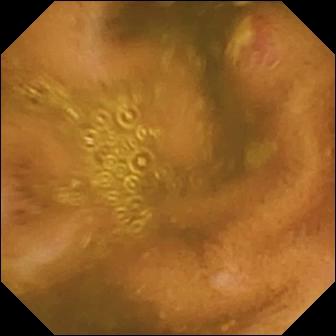- modality: capsule endoscopy
- label: ulcer